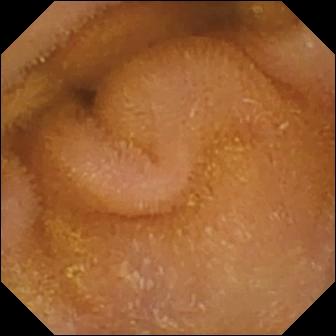Small-bowel capsule endoscopy image, small intestine
Impression: normal clean mucosa